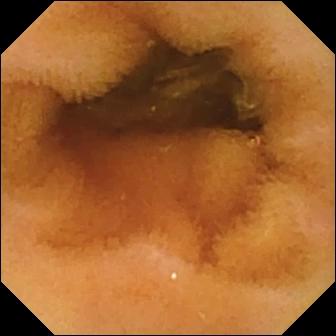- modality: capsule endoscopy
- category: luminal finding
- observation: normal clean mucosa